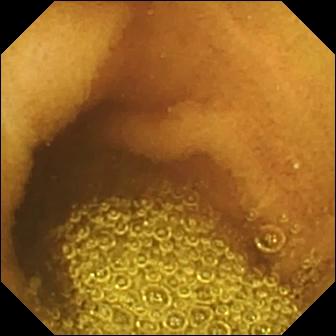This video capsule endoscopy view shows normal clean mucosa.